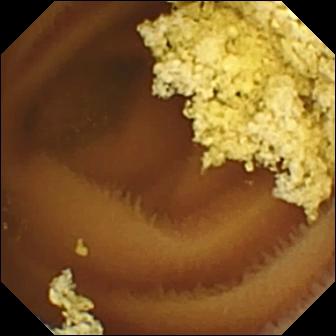Small-bowel capsule endoscopy — normal clean mucosa.